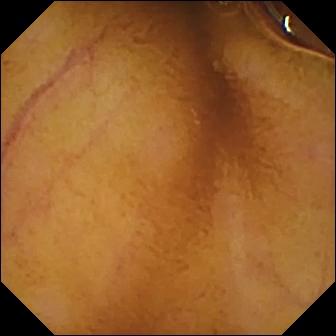VCE snapshot showing normal clean mucosa.